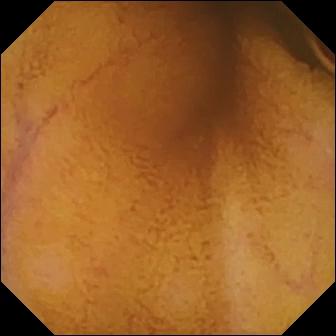Capsule endoscopy still
Impression: normal clean mucosa